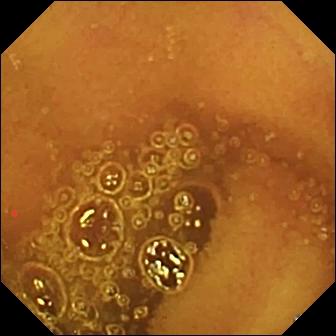Normal clean mucosa (336×336).